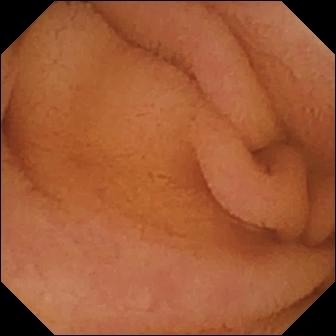Capsule endoscopy frame
Impression: normal clean mucosa